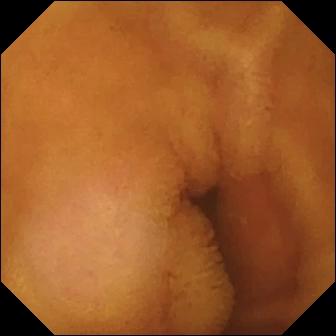Q: What does this video capsule endoscopy snapshot of the small bowel show?
A: Normal clean mucosa.